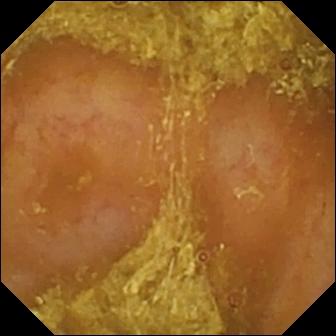PROCEDURE: Small-bowel capsule endoscopy.
SEGMENT: Small intestine.
FINDINGS: Reduced mucosal view (content or bubbles obscuring the mucosa).